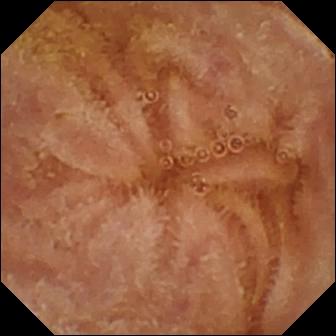Wireless capsule endoscopy snapshot, 336×336. Normal clean mucosa.